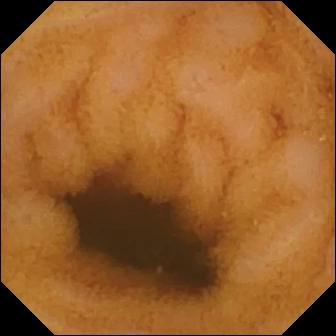Capsule endoscopy frame. Normal clean mucosa.